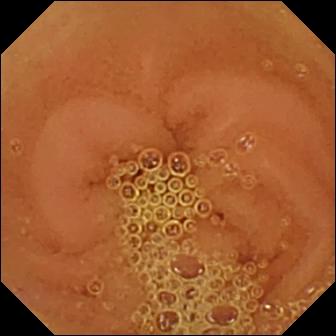- modality: capsule endoscopy
- segment: small intestine
- label: normal clean mucosa